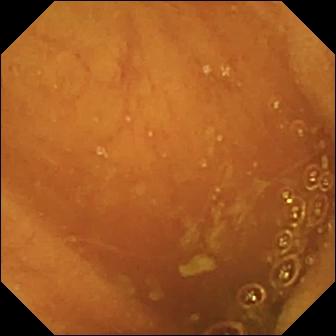Wireless capsule endoscopy image
Location: ileo-cecal valve region (the transition from the small bowel to the large bowel)